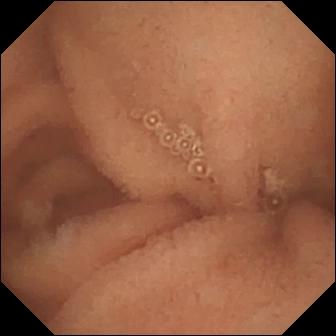Normal clean mucosa (336×336).